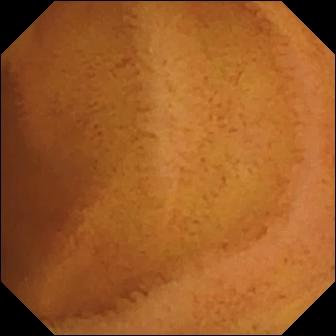Wireless capsule endoscopy — normal clean mucosa.